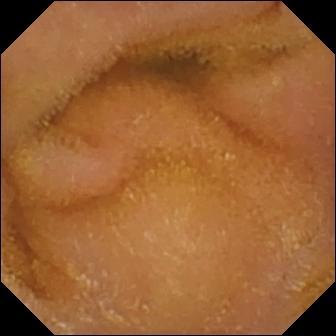Normal clean mucosa (336×336).